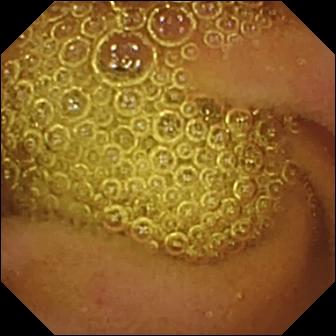- modality: small-bowel capsule endoscopy
- category: luminal finding
- finding: normal clean mucosa